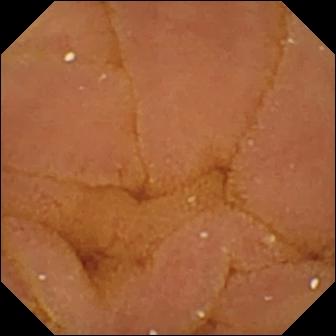VCE still of the small bowel showing normal clean mucosa.